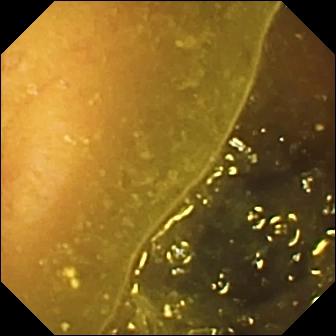Ileo-cecal valve region (the transition from the small bowel to the large bowel).